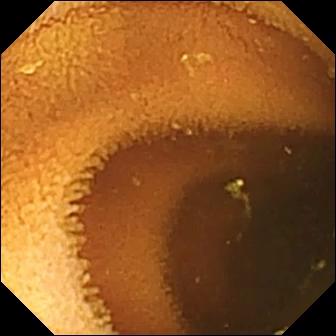VCE frame, small intestine
Observation: normal clean mucosa